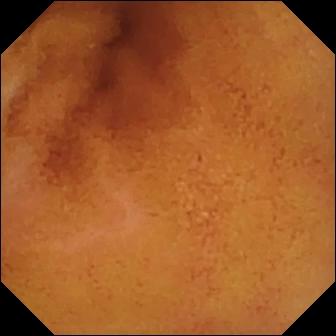- modality: capsule endoscopy
- segment: small intestine
- label: normal clean mucosa